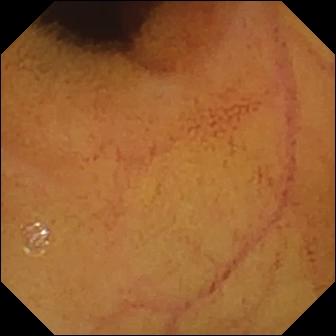Normal clean mucosa — capsule endoscopy view of the small intestine.